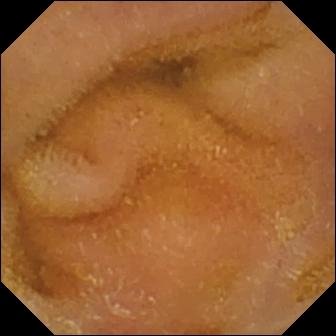Wireless capsule endoscopy view
Impression: normal clean mucosa